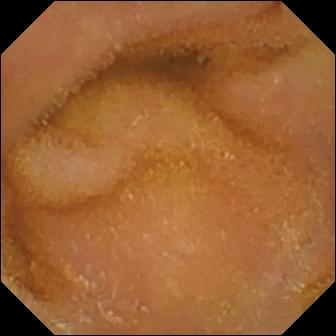Capsule endoscopy view (small bowel). Normal clean mucosa.